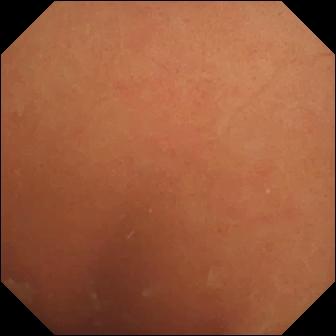modality: small-bowel capsule endoscopy
category: luminal finding
impression: normal clean mucosa